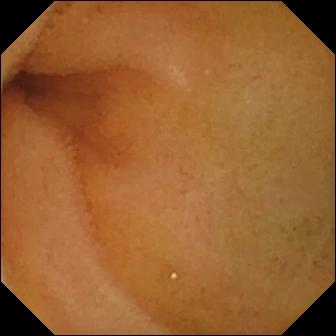Q: What does this small-bowel capsule endoscopy image show?
A: Normal clean mucosa.